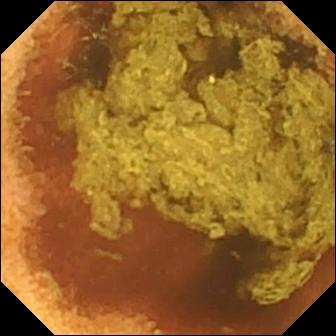Q: What does this wireless capsule endoscopy still of the small intestine show?
A: Normal clean mucosa.